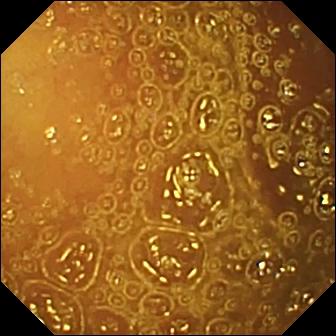VCE image (small intestine), 336×336. Normal clean mucosa.